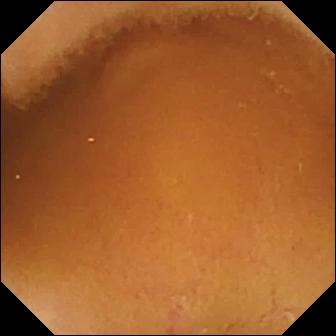{"modality": "VCE", "category": "luminal finding", "finding": "normal clean mucosa"}